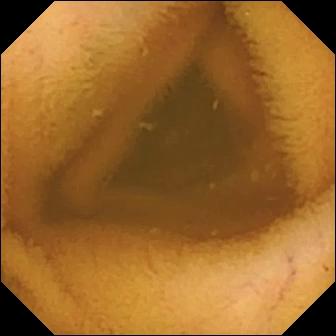PROCEDURE: WCE.
SEGMENT: Small intestine.
FINDINGS: Normal clean mucosa.